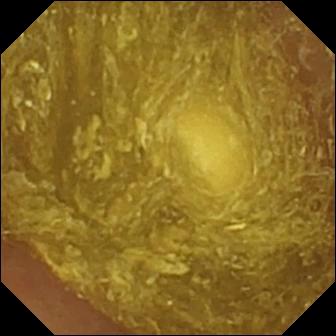VCE — reduced mucosal view (content or bubbles obscuring the mucosa).